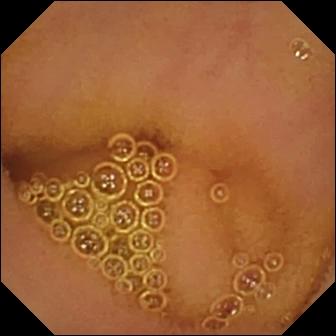- modality: capsule endoscopy
- finding: normal clean mucosa